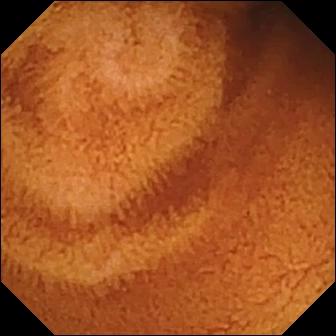Video capsule endoscopy image of the small intestine showing normal clean mucosa.